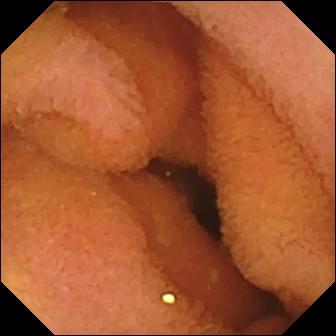Wireless capsule endoscopy. Impression: normal clean mucosa.